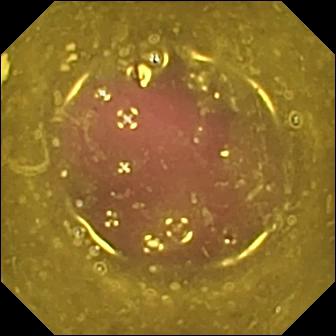{"modality": "small-bowel capsule endoscopy", "segment": "small bowel", "finding": "reduced mucosal view (content or bubbles obscuring the mucosa)"}